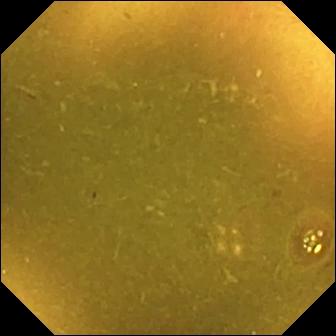This capsule endoscopy snapshot was taken in the ileo-cecal valve region.